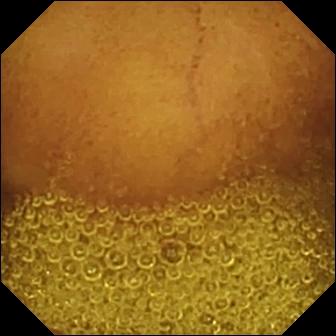Q: What does this WCE view show?
A: Normal clean mucosa.